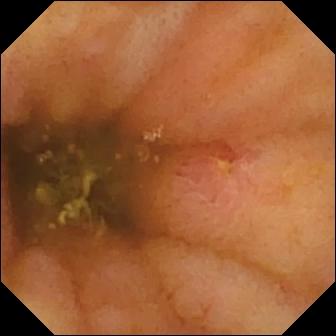Small-bowel capsule endoscopy. Finding: ulcer.